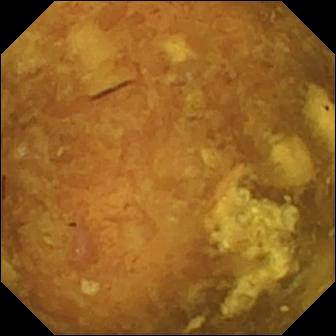Reduced mucosal view (content or bubbles obscuring the mucosa) (336×336).